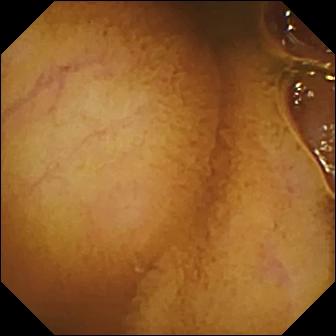Capsule endoscopy — normal clean mucosa.